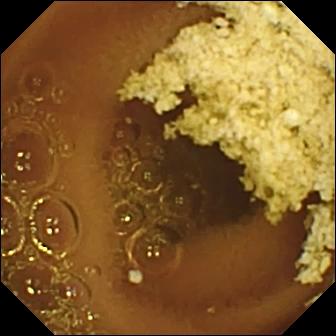modality: video capsule endoscopy; finding: normal clean mucosa